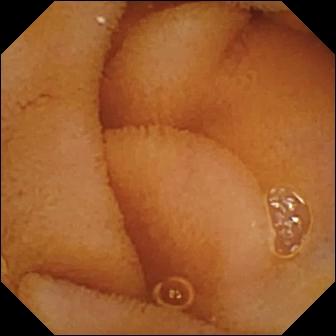WCE — normal clean mucosa.